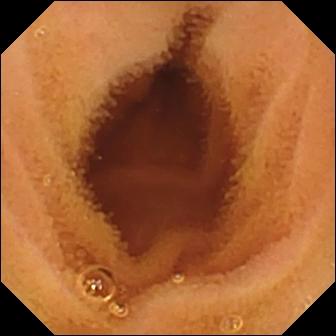{"modality": "VCE", "segment": "small bowel", "category": "luminal finding", "finding": "normal clean mucosa"}